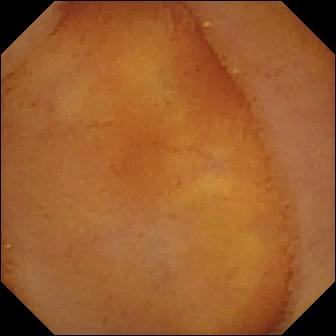This video capsule endoscopy snapshot of the small intestine shows normal clean mucosa.